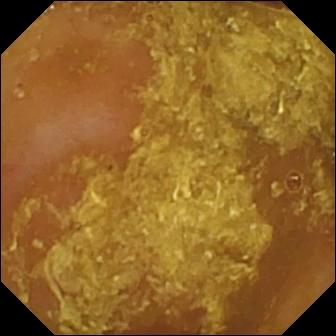{"modality": "small-bowel capsule endoscopy", "finding": "reduced mucosal view (content or bubbles obscuring the mucosa)"}